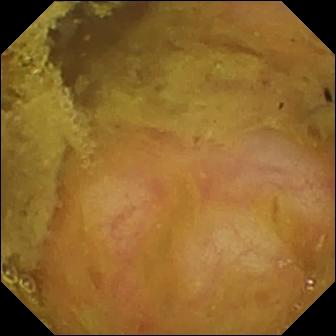Q: Where in the digestive tract was this capsule endoscopy snapshot taken?
A: Ileo-cecal valve region (the transition from the small bowel to the large bowel).